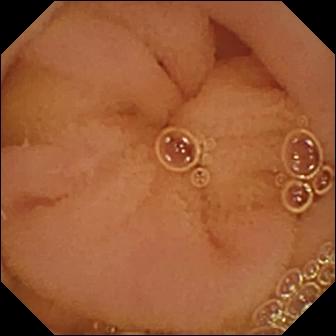Normal clean mucosa — wireless capsule endoscopy snapshot of the small intestine.